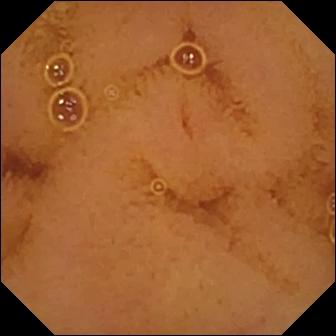Q: What does this small-bowel capsule endoscopy image of the small bowel show?
A: Normal clean mucosa.